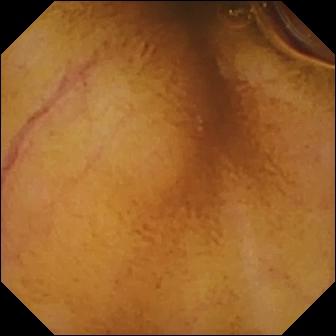Small-bowel capsule endoscopy snapshot showing normal clean mucosa.